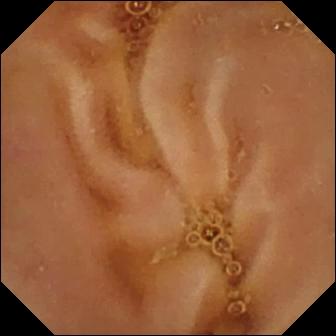Q: What does this capsule endoscopy image of the small intestine show?
A: Normal clean mucosa.